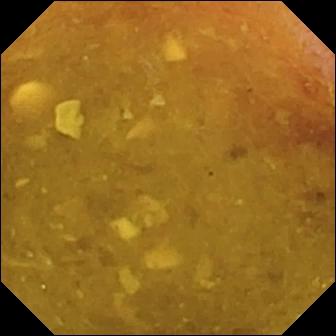{"modality": "VCE", "segment": "small intestine", "category": "luminal finding", "finding": "reduced mucosal view (content or bubbles obscuring the mucosa)"}